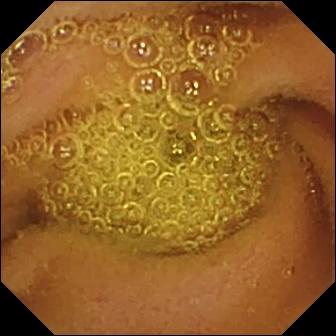Video capsule endoscopy — normal clean mucosa.